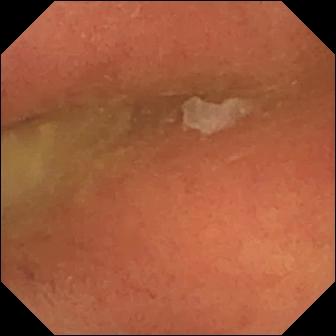Q: Where in the digestive tract was this capsule endoscopy snapshot taken?
A: Pylorus region (where the capsule passes from the stomach into the small bowel).